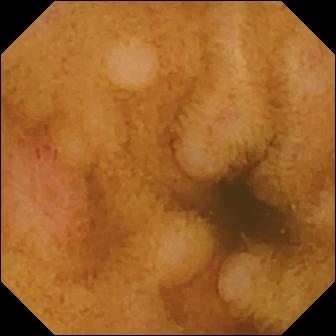Q: What does this small-bowel capsule endoscopy still show?
A: Erosion.